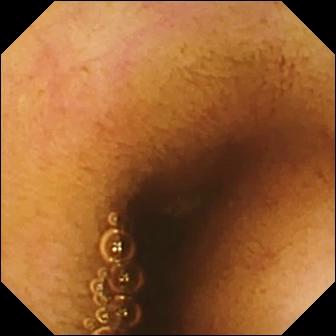Normal clean mucosa.